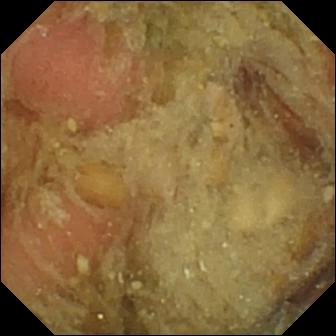This capsule endoscopy view was taken in the pylorus region (the junction between the stomach and the small bowel).